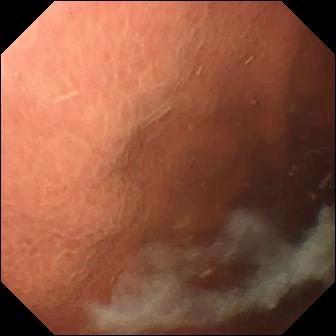Video capsule endoscopy still taken in the pylorus region (where the capsule passes from the stomach into the small bowel).